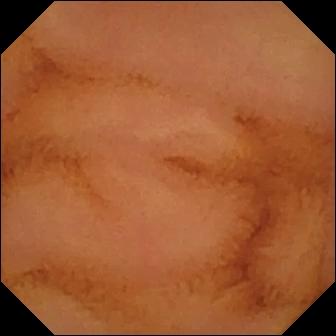PROCEDURE: Capsule endoscopy.
FINDINGS: Normal clean mucosa.